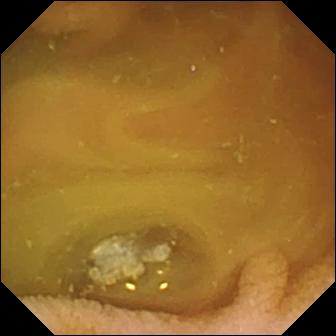{"modality": "video capsule endoscopy", "category": "luminal finding", "finding": "normal clean mucosa"}